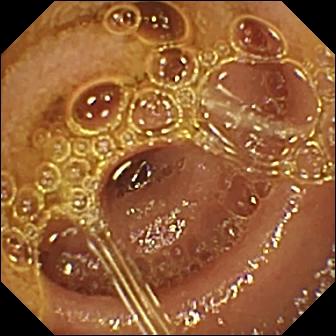PROCEDURE: Wireless capsule endoscopy.
FINDINGS: Normal clean mucosa.